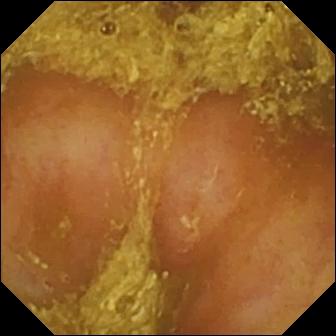Capsule endoscopy still
Observation: reduced mucosal view (content or bubbles obscuring the mucosa)